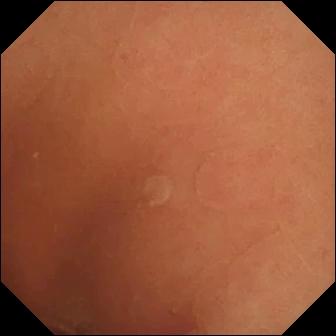WCE still showing normal clean mucosa.